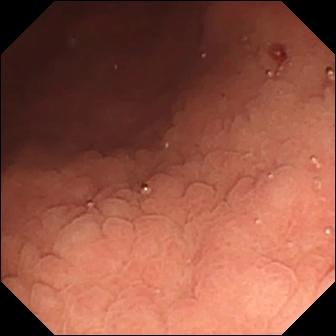Angiectasia (336×336).